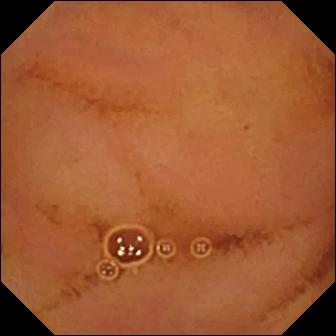Normal clean mucosa.